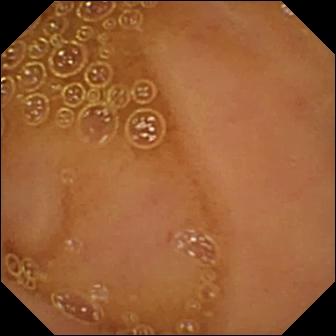Normal clean mucosa (336×336).